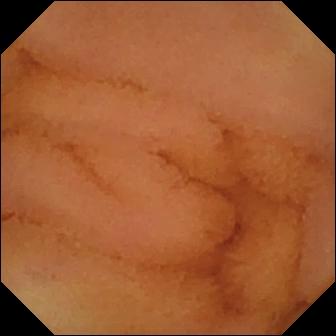Small-bowel capsule endoscopy — normal clean mucosa.